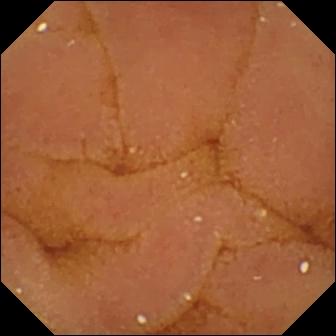Small-bowel capsule endoscopy. Small bowel. Label: normal clean mucosa.